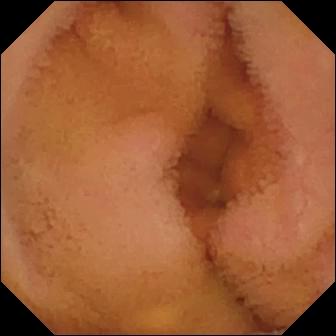VCE still of the small intestine showing normal clean mucosa.